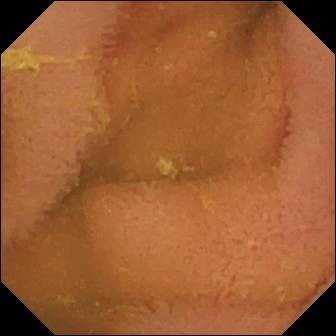WCE. Impression: normal clean mucosa.